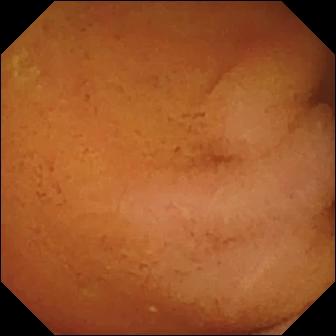Wireless capsule endoscopy view (small bowel). Normal clean mucosa.